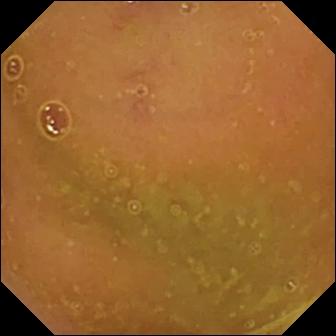PROCEDURE: Small-bowel capsule endoscopy.
SEGMENT: Small intestine.
FINDINGS: Normal clean mucosa.